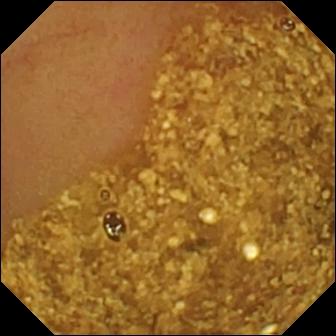- modality: video capsule endoscopy
- category: anatomical landmark
- label: ileo-cecal valve region